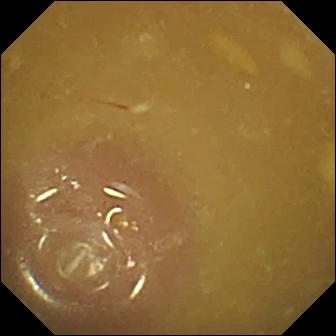Small-bowel capsule endoscopy view
Label: ileo-cecal valve region